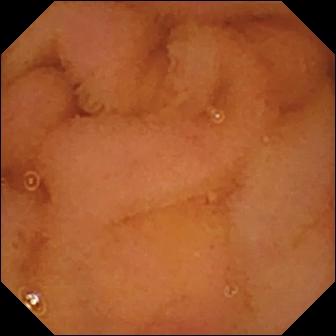PROCEDURE: VCE.
FINDINGS: Normal clean mucosa.